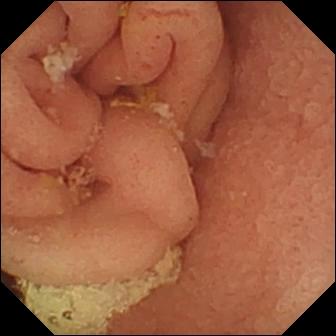Q: Where in the digestive tract was this VCE still taken?
A: Pylorus region (the junction between the stomach and the small bowel).